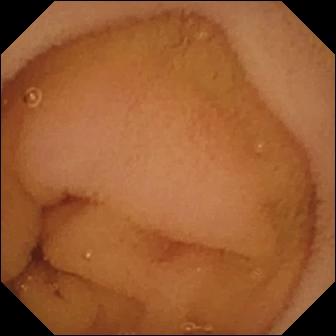Video capsule endoscopy. Small bowel. Impression: normal clean mucosa.